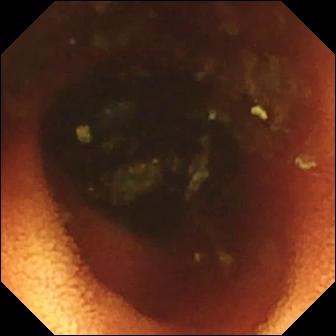{"modality": "wireless capsule endoscopy", "label": "ileo-cecal valve region (where the capsule passes from the small bowel into the large bowel)"}